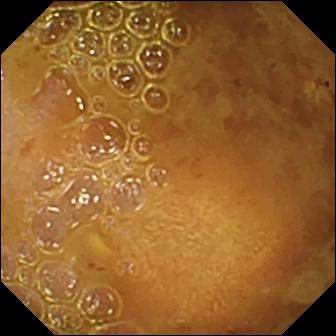WCE frame of the small bowel showing reduced mucosal view (content or bubbles obscuring the mucosa).